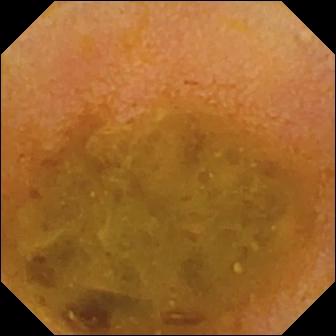modality: wireless capsule endoscopy | finding: reduced mucosal view (content or bubbles obscuring the mucosa)